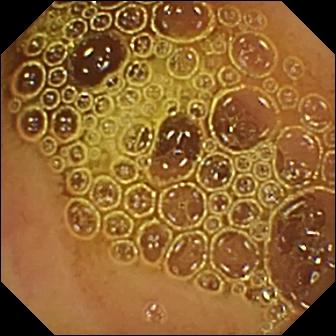modality: video capsule endoscopy; category: luminal finding; label: normal clean mucosa